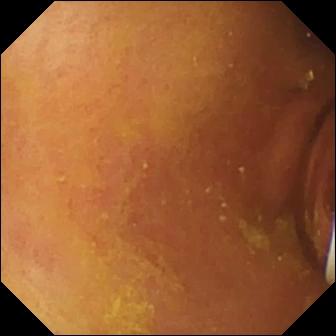This small-bowel capsule endoscopy image shows foreign body (e.g. retained capsule, tablet residue).